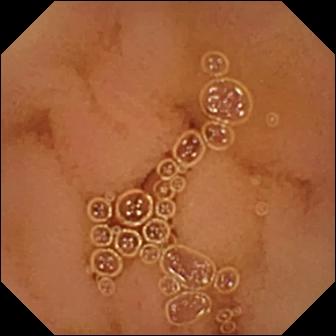Normal clean mucosa — wireless capsule endoscopy image of the small bowel.